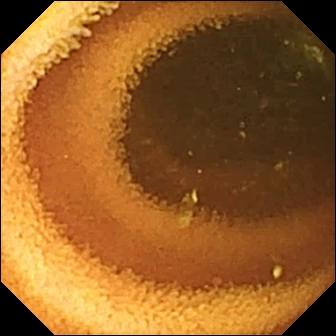Normal clean mucosa — VCE snapshot of the small intestine.